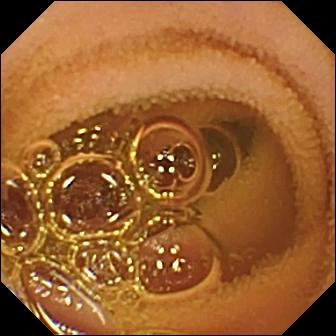Capsule endoscopy still (small intestine). Normal clean mucosa.